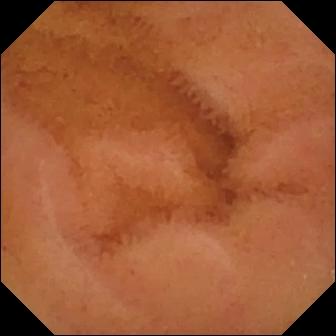Video capsule endoscopy. Finding: normal clean mucosa.